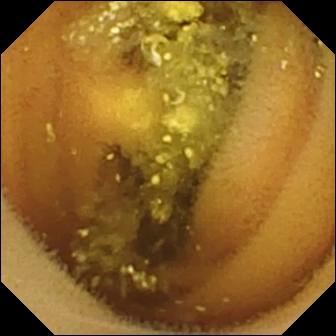{"modality": "WCE", "category": "luminal finding", "finding": "lymphangiectasia"}